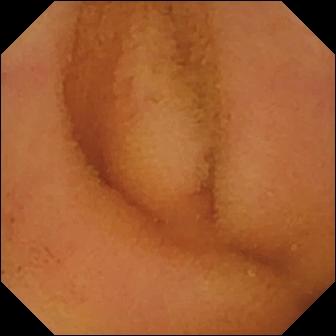This VCE frame shows normal clean mucosa.